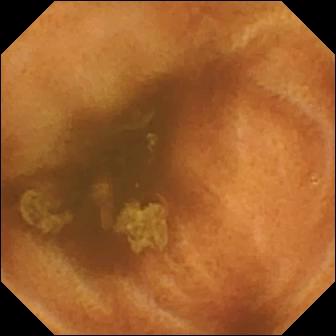modality: WCE; category: luminal finding; observation: normal clean mucosa